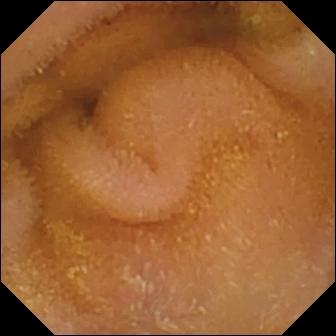Wireless capsule endoscopy — normal clean mucosa.